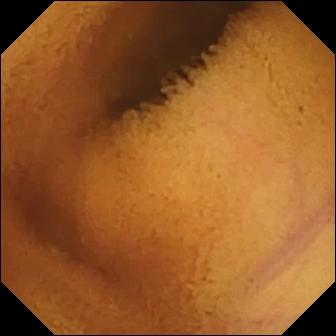VCE — normal clean mucosa.